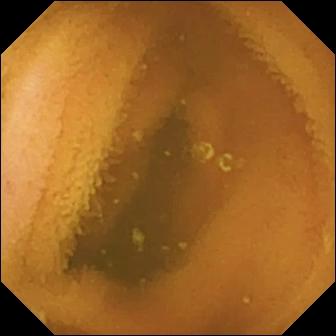Wireless capsule endoscopy image, small intestine
Finding: normal clean mucosa